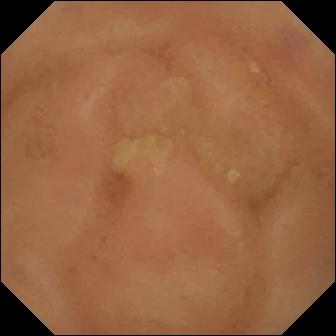Normal clean mucosa.